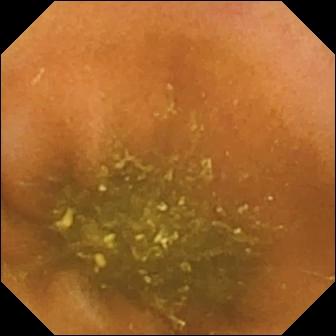Ileo-cecal valve region — small-bowel capsule endoscopy image.